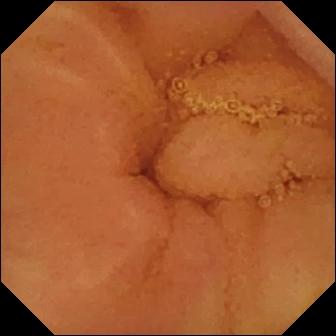Normal clean mucosa — wireless capsule endoscopy view of the small bowel.